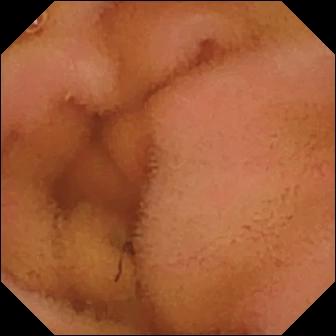- modality: WCE
- label: normal clean mucosa